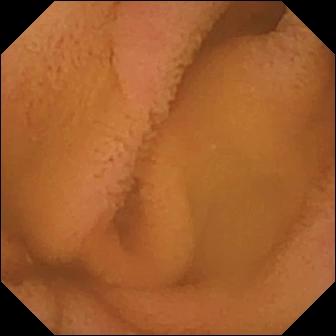Q: What does this small-bowel capsule endoscopy image show?
A: Normal clean mucosa.